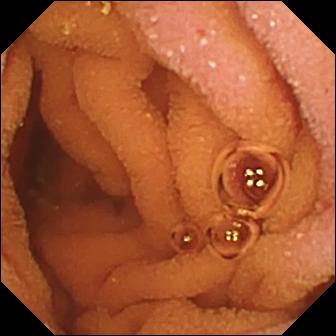Small-bowel capsule endoscopy. Small intestine. Luminal finding. Finding: normal clean mucosa.